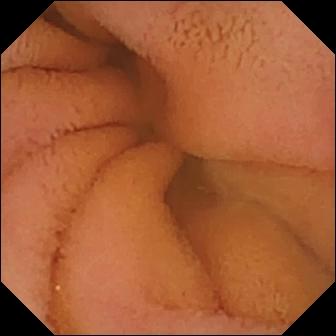This wireless capsule endoscopy snapshot shows normal clean mucosa.